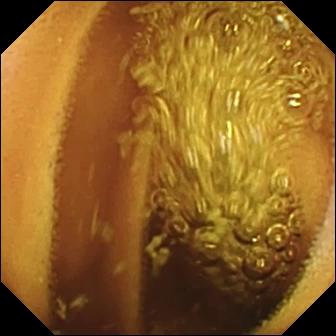This WCE view of the small bowel shows normal clean mucosa.